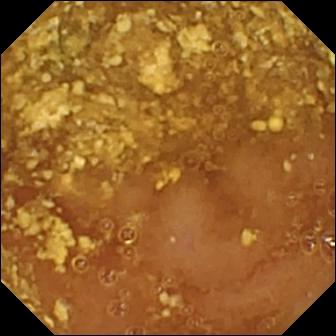{"modality": "capsule endoscopy", "segment": "small intestine", "finding": "reduced mucosal view (content or bubbles obscuring the mucosa)"}